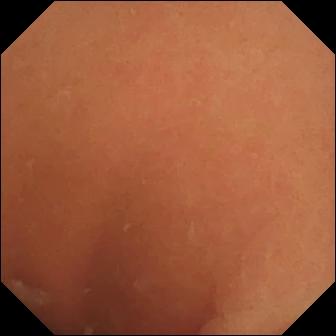Wireless capsule endoscopy — normal clean mucosa.